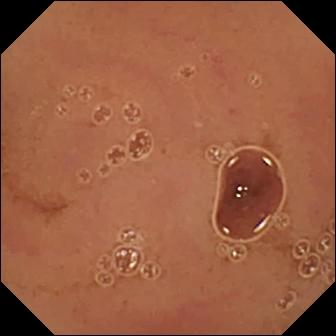WCE snapshot of the small bowel showing normal clean mucosa.